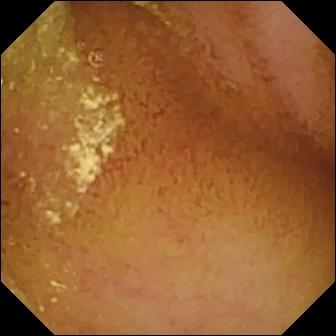Capsule endoscopy — normal clean mucosa.